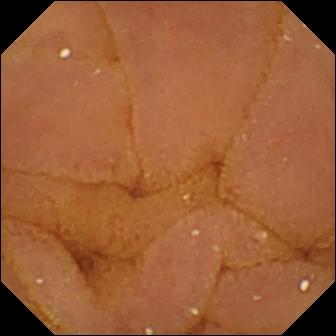WCE still
Finding: normal clean mucosa